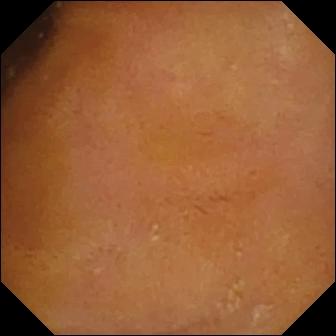{"modality": "wireless capsule endoscopy", "segment": "small bowel", "category": "luminal finding", "finding": "normal clean mucosa"}